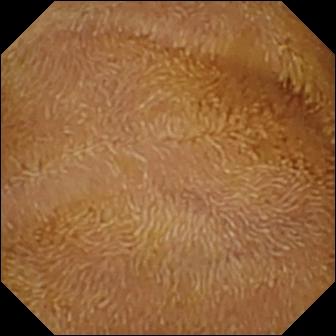WCE still, small bowel
Impression: normal clean mucosa